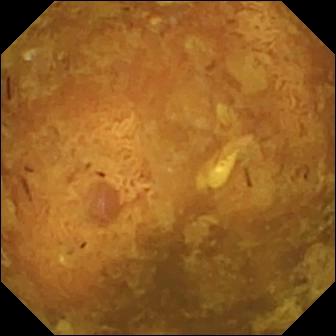Reduced mucosal view (content or bubbles obscuring the mucosa) (336×336).